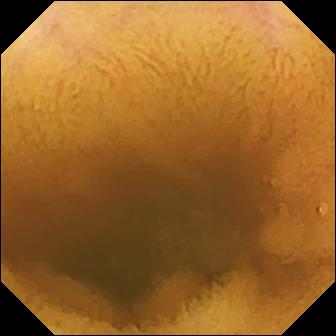Small-bowel capsule endoscopy still, small intestine
Observation: normal clean mucosa